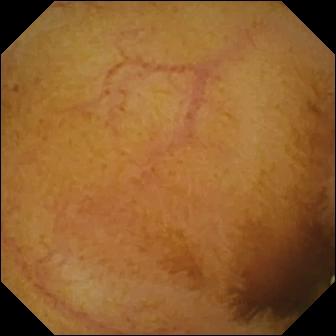Wireless capsule endoscopy view, 336×336. Normal clean mucosa.